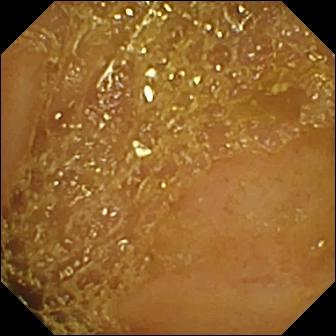Ileo-cecal valve region (the transition from the small bowel to the large bowel).